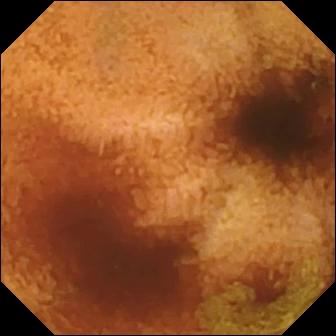Normal clean mucosa — video capsule endoscopy frame.